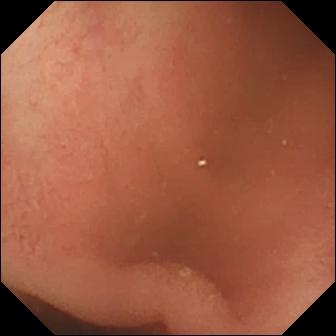{"modality": "WCE", "position": "pylorus region (the junction between the stomach and the small bowel)"}